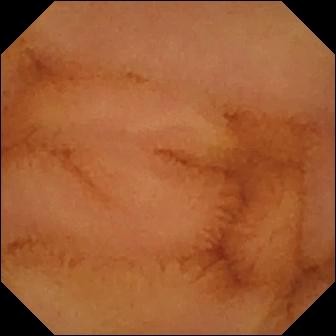WCE. Observation: normal clean mucosa.